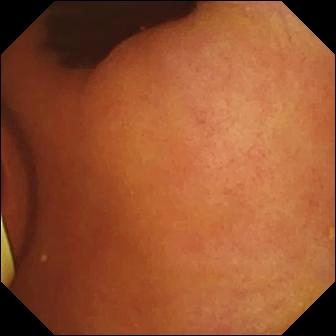modality: WCE | observation: foreign body (e.g. retained capsule, tablet residue)